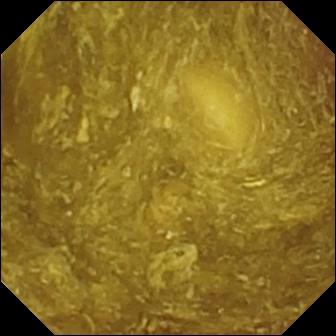{"modality": "VCE", "segment": "small bowel", "finding": "reduced mucosal view (content or bubbles obscuring the mucosa)"}